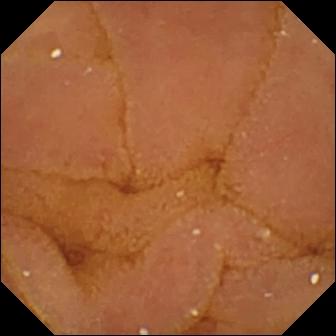{"modality": "VCE", "finding": "normal clean mucosa"}